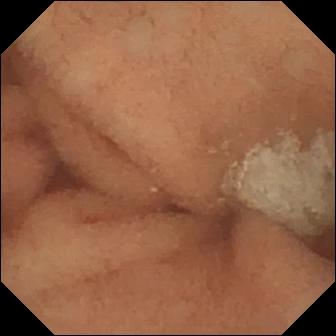- modality: WCE
- category: luminal finding
- impression: normal clean mucosa